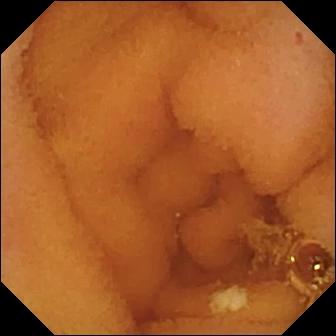Video capsule endoscopy snapshot
Observation: normal clean mucosa